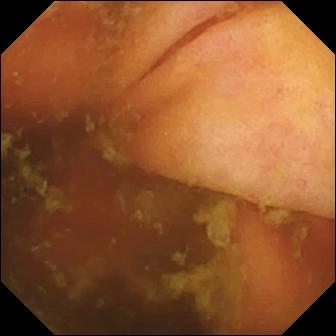Ileo-cecal valve region (the transition from the small bowel to the large bowel), 336×336.